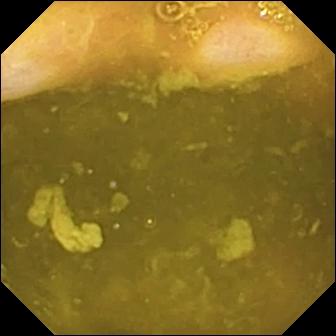VCE still taken in the ileo-cecal valve region (where the capsule passes from the small bowel into the large bowel).